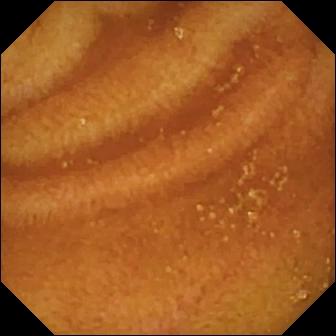Normal clean mucosa — WCE view.